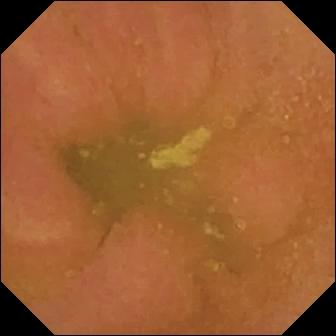Capsule endoscopy snapshot (small bowel). Normal clean mucosa.